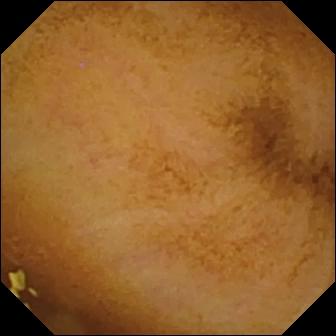VCE — normal clean mucosa.